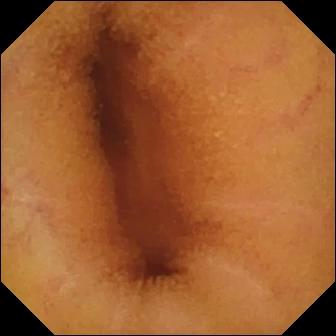modality: VCE
category: luminal finding
impression: normal clean mucosa